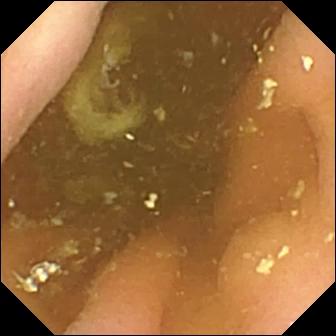Pylorus region (where the capsule passes from the stomach into the small bowel) — VCE image.